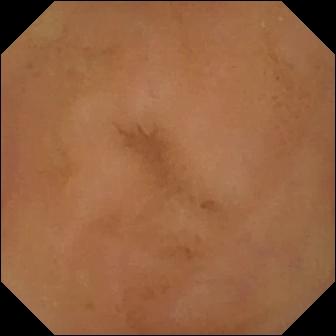modality: VCE; category: luminal finding; impression: normal clean mucosa